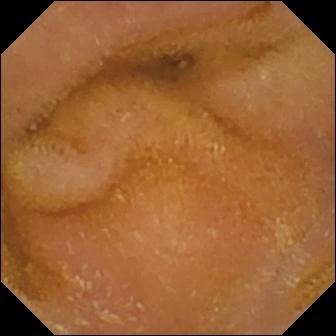Small-bowel capsule endoscopy — normal clean mucosa.